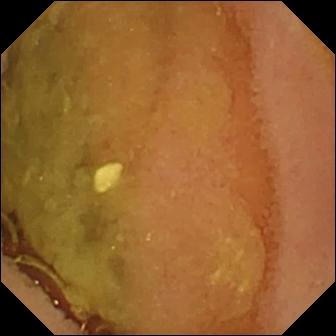Small-bowel capsule endoscopy snapshot, small bowel
Impression: normal clean mucosa